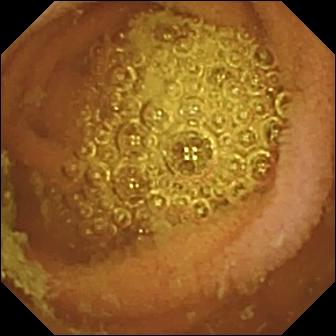Q: What does this VCE image show?
A: Normal clean mucosa.